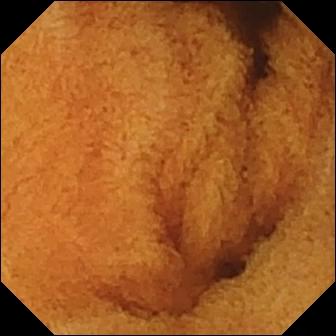{"modality": "video capsule endoscopy", "category": "luminal finding", "finding": "normal clean mucosa"}